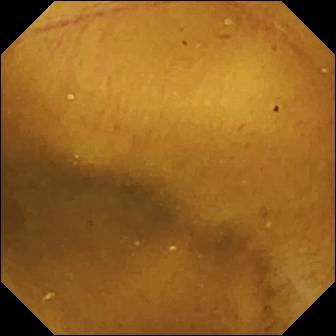Capsule endoscopy — normal clean mucosa.